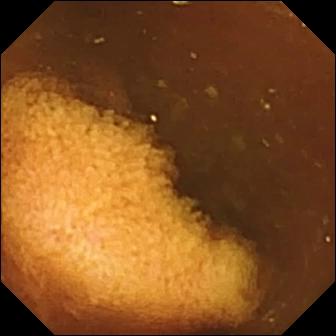Capsule endoscopy snapshot (small intestine). Normal clean mucosa.